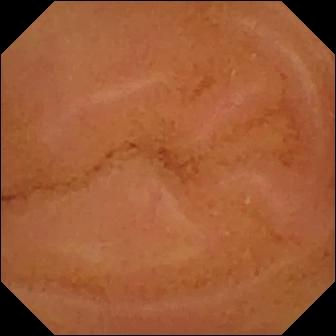modality: video capsule endoscopy; finding: normal clean mucosa